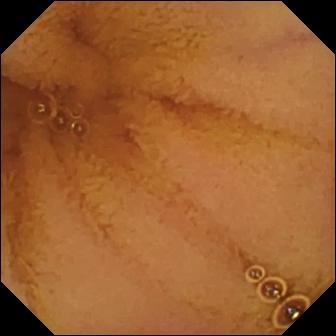PROCEDURE: Small-bowel capsule endoscopy.
SEGMENT: Small intestine.
FINDINGS: Normal clean mucosa.